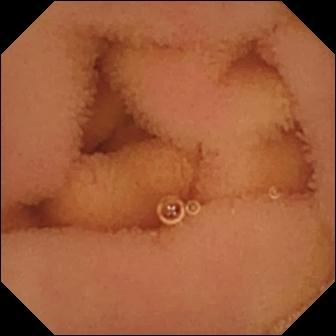Normal clean mucosa — VCE image.